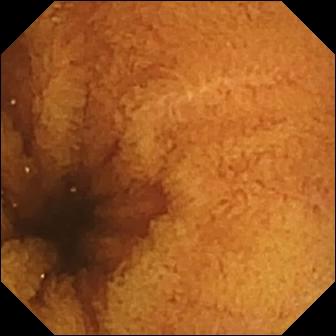- modality: small-bowel capsule endoscopy
- label: normal clean mucosa